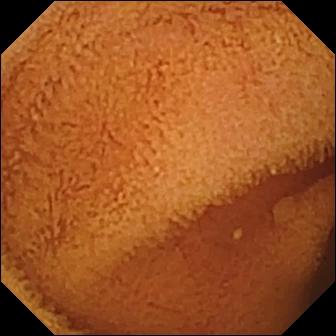Normal clean mucosa — WCE view.